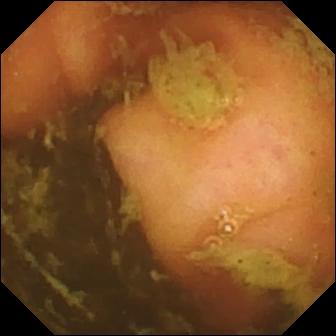Ileo-cecal valve region (the transition from the small bowel to the large bowel).